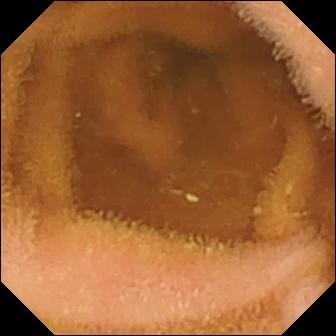PROCEDURE: VCE.
FINDINGS: Normal clean mucosa.